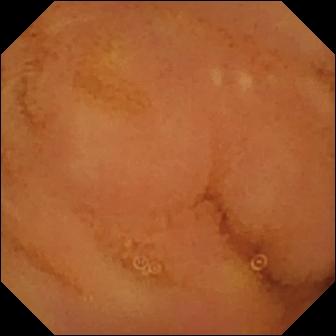WCE image (small intestine). Normal clean mucosa.